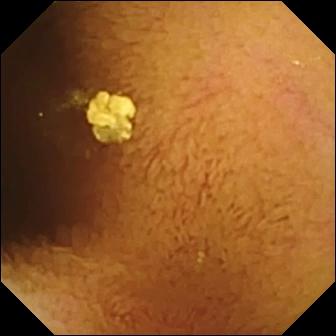Q: What does this capsule endoscopy frame show?
A: Normal clean mucosa.